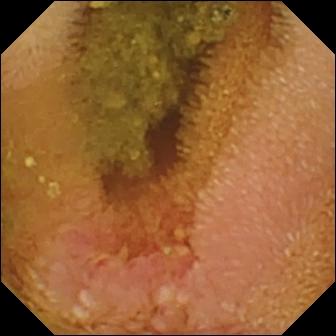Wireless capsule endoscopy. Observation: erosion.